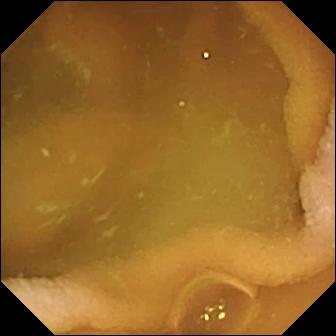Capsule endoscopy — normal clean mucosa.